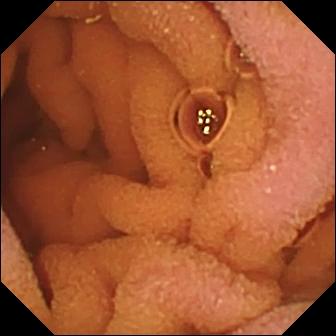VCE view, small intestine
Finding: normal clean mucosa